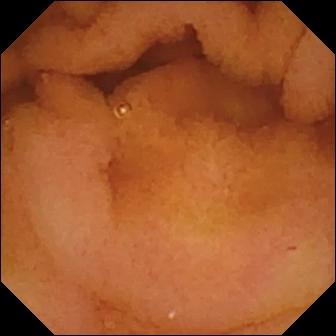PROCEDURE: Capsule endoscopy.
SEGMENT: Small bowel.
FINDINGS: Normal clean mucosa.